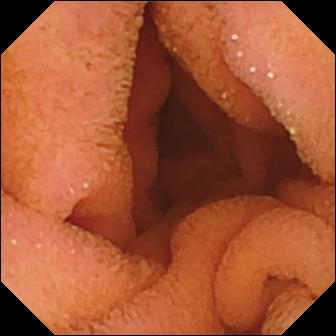- modality: video capsule endoscopy
- category: luminal finding
- label: normal clean mucosa